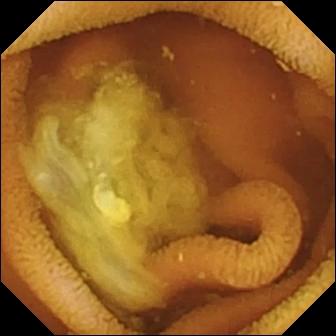Video capsule endoscopy frame of the small intestine showing normal clean mucosa.